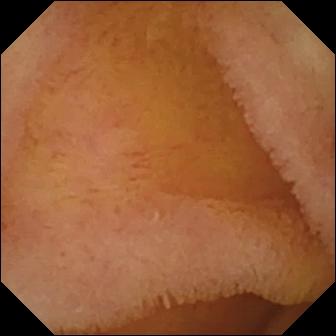Small-bowel capsule endoscopy image, small intestine
Impression: normal clean mucosa